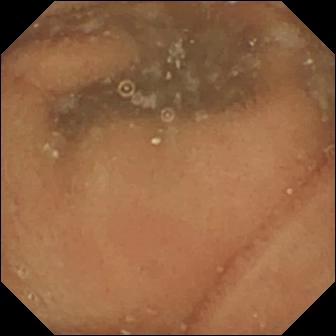PROCEDURE: Video capsule endoscopy.
SEGMENT: Small intestine.
FINDINGS: Normal clean mucosa.